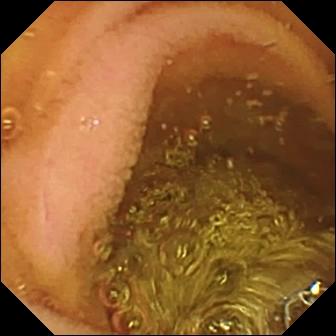Q: What does this video capsule endoscopy view show?
A: Normal clean mucosa.